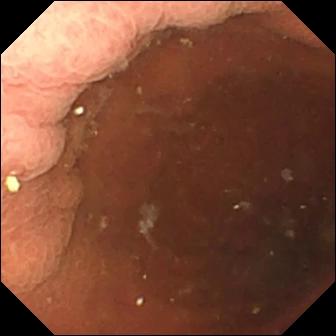PROCEDURE: Small-bowel capsule endoscopy.
VIDEO SEGMENT: Pylorus region (where the capsule passes from the stomach into the small bowel).